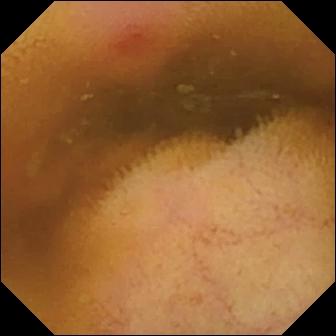Wireless capsule endoscopy. Finding: erythema (mucosal redness).